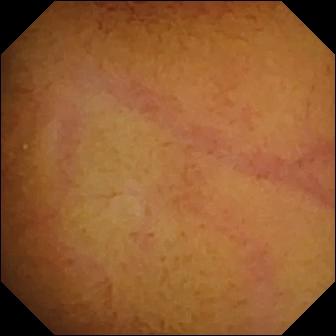Wireless capsule endoscopy frame of the small intestine showing normal clean mucosa.